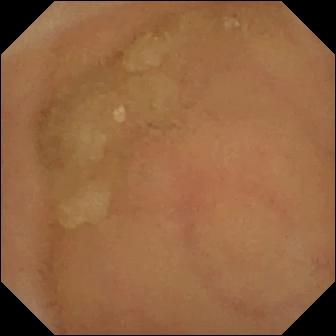{"modality": "VCE", "finding": "normal clean mucosa"}